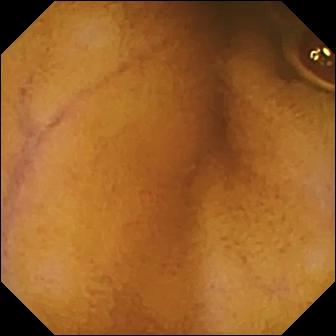Normal clean mucosa — small-bowel capsule endoscopy view of the small bowel.